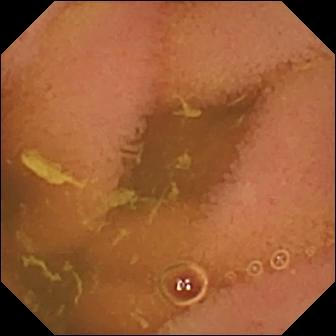VCE — normal clean mucosa.